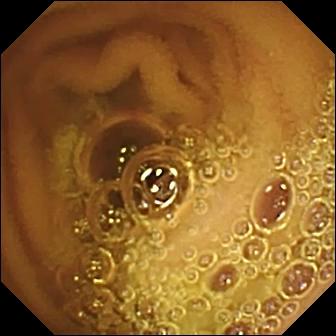Q: What does this capsule endoscopy image of the small bowel show?
A: Normal clean mucosa.